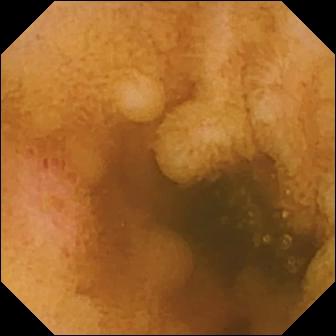Erosion.